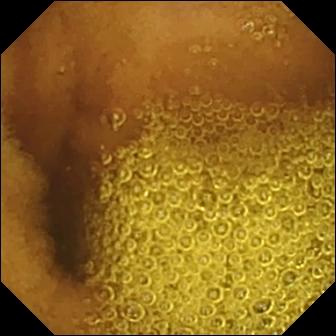Capsule endoscopy. Luminal finding. Finding: normal clean mucosa.